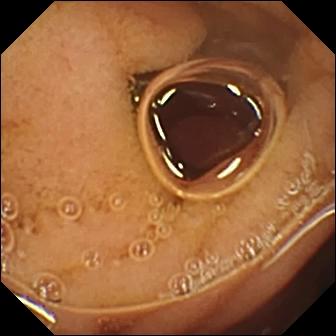Wireless capsule endoscopy still taken in the pylorus region.